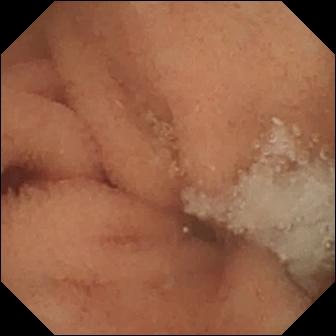modality: small-bowel capsule endoscopy | category: luminal finding | observation: normal clean mucosa